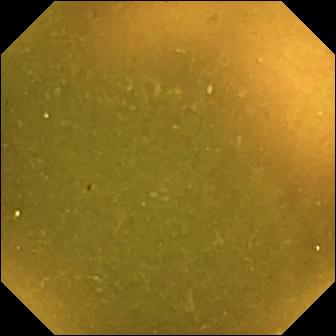Ileo-cecal valve region (the transition from the small bowel to the large bowel).